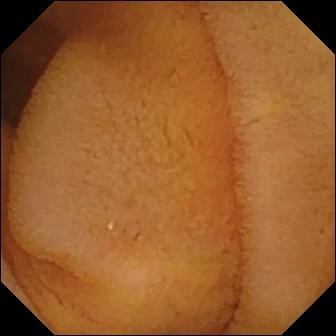- modality: video capsule endoscopy
- observation: normal clean mucosa